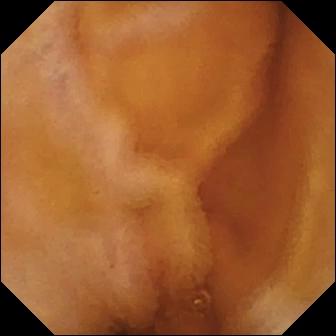Small-bowel capsule endoscopy — normal clean mucosa.